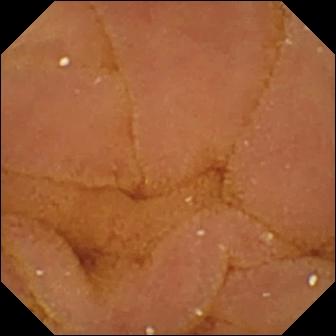modality: video capsule endoscopy
category: luminal finding
observation: normal clean mucosa